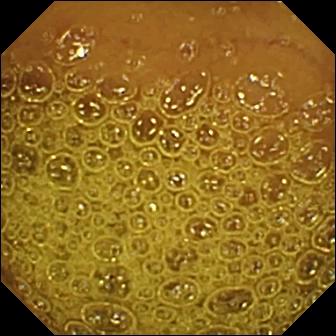Small-bowel capsule endoscopy snapshot
Label: normal clean mucosa